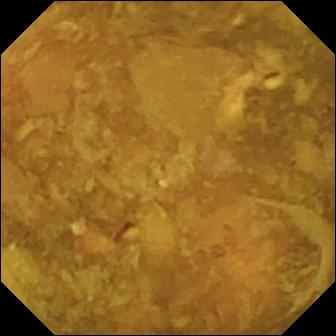This WCE snapshot shows reduced mucosal view (content or bubbles obscuring the mucosa).